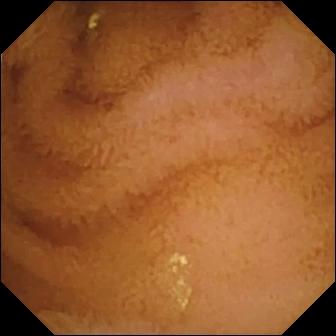Q: What does this VCE snapshot show?
A: Normal clean mucosa.